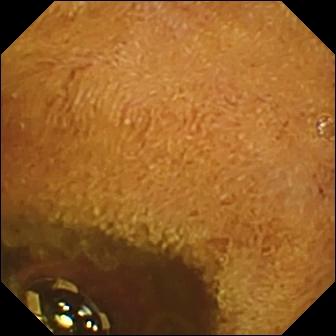This video capsule endoscopy frame shows foreign body (e.g. retained capsule, tablet residue).